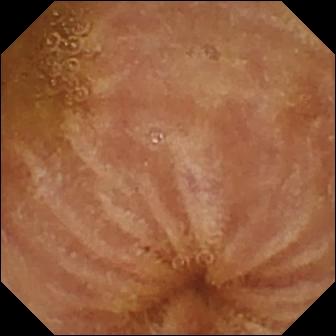{"modality": "VCE", "segment": "small bowel", "finding": "normal clean mucosa"}